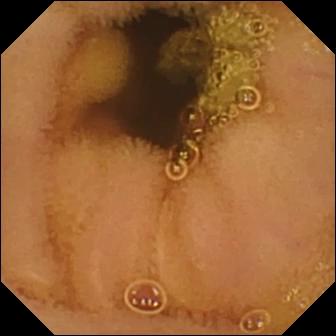- modality: wireless capsule endoscopy
- label: normal clean mucosa